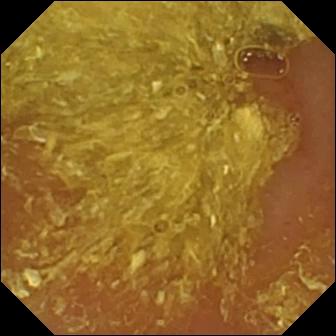- modality: WCE
- category: luminal finding
- observation: reduced mucosal view (content or bubbles obscuring the mucosa)